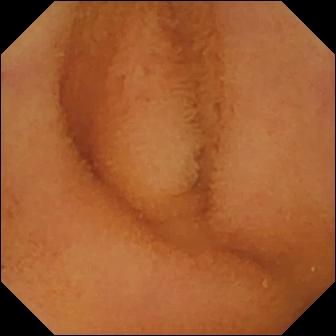Small-bowel capsule endoscopy frame showing normal clean mucosa.